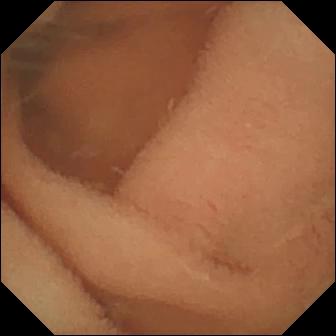VCE snapshot of the small intestine showing normal clean mucosa.